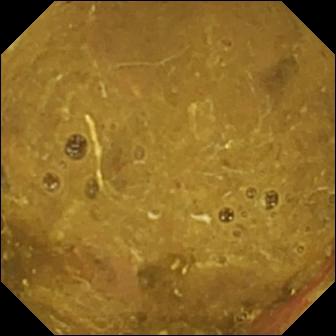PROCEDURE: VCE.
POSITION: Ileo-cecal valve region (the transition from the small bowel to the large bowel).